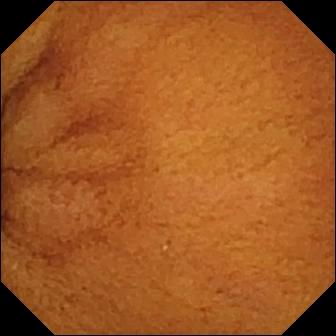Q: What does this WCE frame of the small intestine show?
A: Normal clean mucosa.